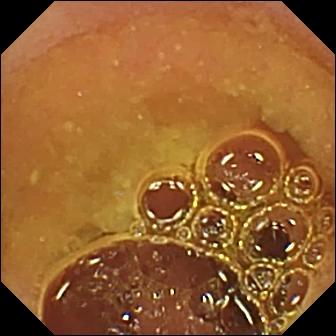Q: What does this video capsule endoscopy still show?
A: Normal clean mucosa.